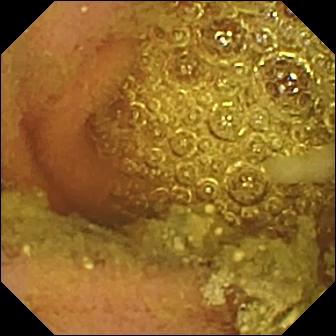Capsule endoscopy — normal clean mucosa.